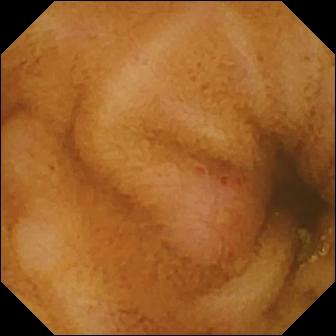Q: What does this small-bowel capsule endoscopy snapshot show?
A: Erosion.